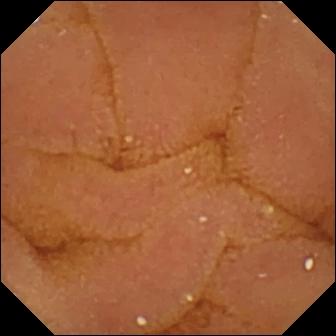Video capsule endoscopy. Small bowel. Label: normal clean mucosa.